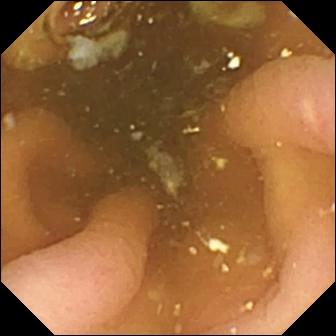This small-bowel capsule endoscopy snapshot was taken in the pylorus region (where the capsule passes from the stomach into the small bowel).